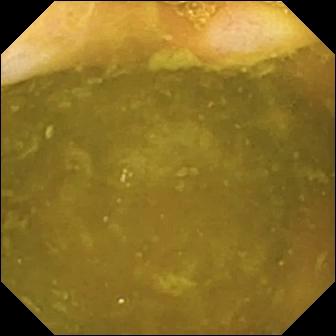Wireless capsule endoscopy still
Location: ileo-cecal valve region (where the capsule passes from the small bowel into the large bowel)